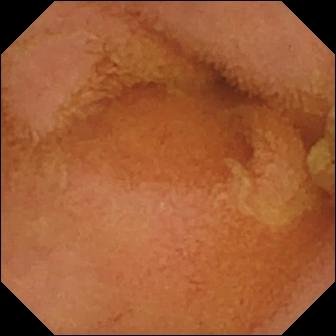PROCEDURE: Small-bowel capsule endoscopy.
SEGMENT: Small bowel.
FINDINGS: Normal clean mucosa.